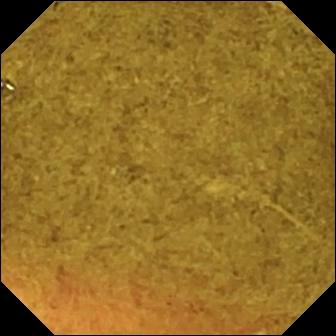- modality: WCE
- category: anatomical landmark
- location: ileo-cecal valve region